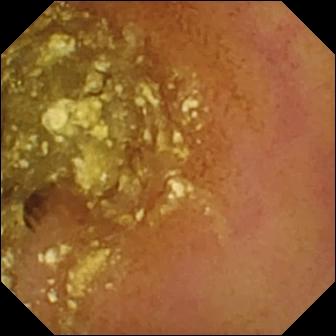WCE — normal clean mucosa.